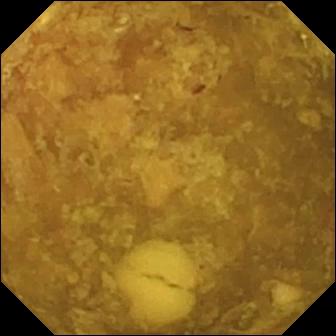Small-bowel capsule endoscopy still (small intestine). Reduced mucosal view (content or bubbles obscuring the mucosa).